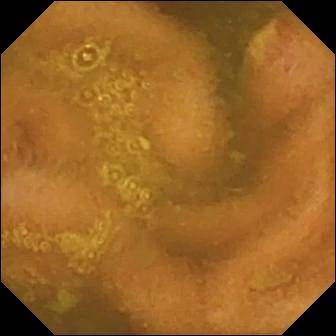PROCEDURE: Capsule endoscopy.
FINDINGS: Ulcer.